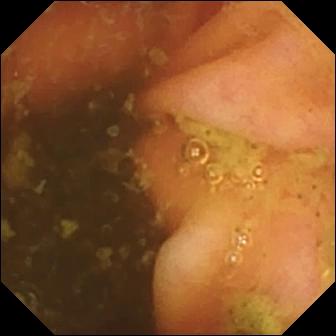Video capsule endoscopy still
Location: ileo-cecal valve region